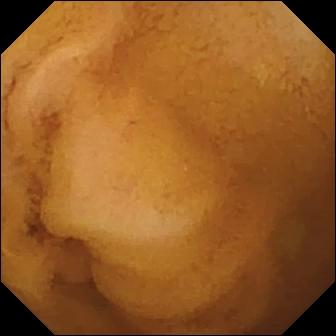Normal clean mucosa.